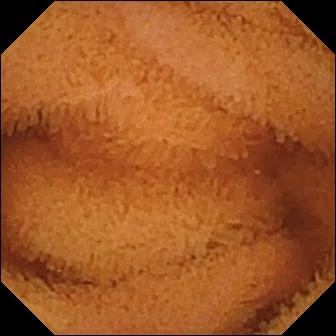VCE. Observation: normal clean mucosa.